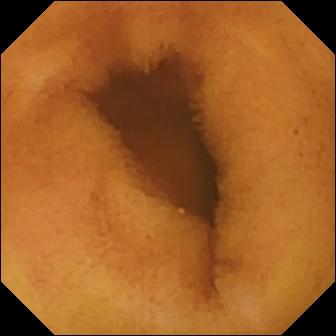Q: What does this video capsule endoscopy snapshot of the small bowel show?
A: Normal clean mucosa.